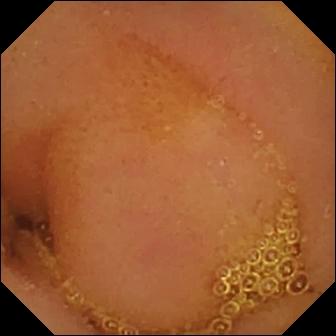- modality: wireless capsule endoscopy
- segment: small intestine
- finding: normal clean mucosa